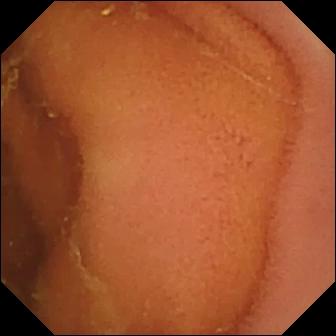Q: What does this VCE snapshot show?
A: Normal clean mucosa.